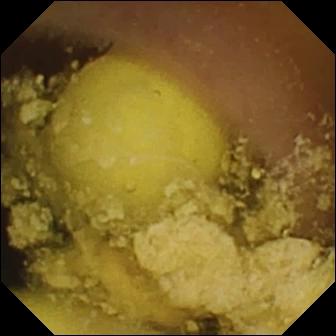Small-bowel capsule endoscopy — foreign body (e.g. retained capsule, tablet residue).